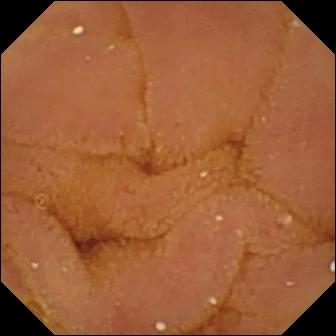PROCEDURE: VCE.
SEGMENT: Small bowel.
FINDINGS: Normal clean mucosa.